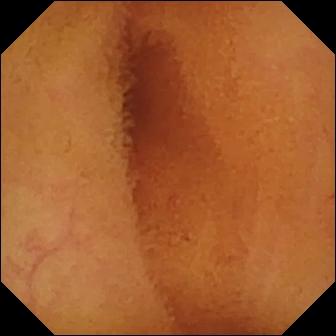Video capsule endoscopy snapshot, small bowel
Observation: normal clean mucosa